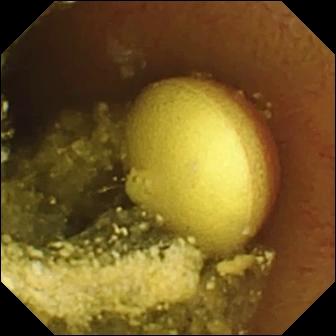modality: video capsule endoscopy; impression: foreign body (e.g. retained capsule, tablet residue)